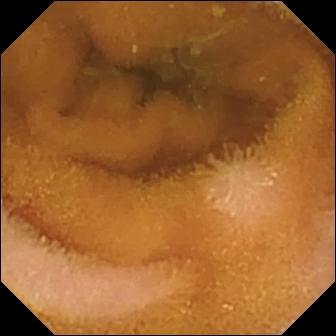Video capsule endoscopy. Finding: normal clean mucosa.